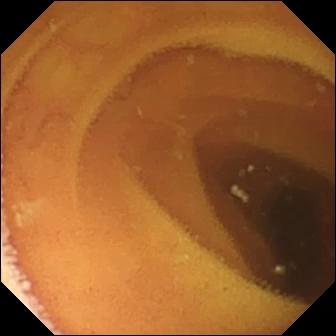- modality: video capsule endoscopy
- finding: normal clean mucosa